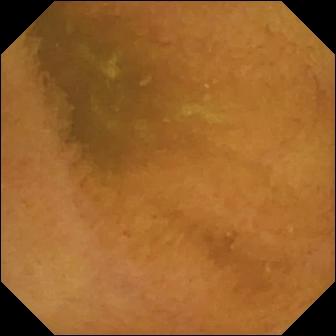PROCEDURE: Wireless capsule endoscopy.
SEGMENT: Small intestine.
FINDINGS: Normal clean mucosa.